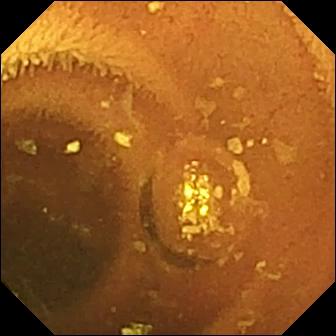- modality: WCE
- label: normal clean mucosa